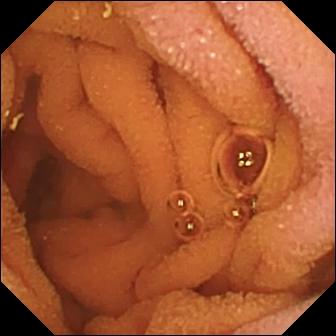Wireless capsule endoscopy view (small bowel). Normal clean mucosa.